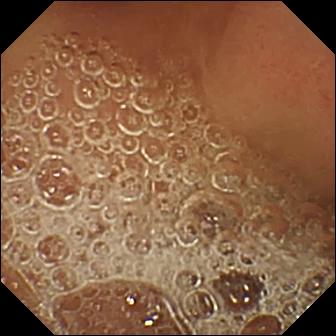Normal clean mucosa (336×336).